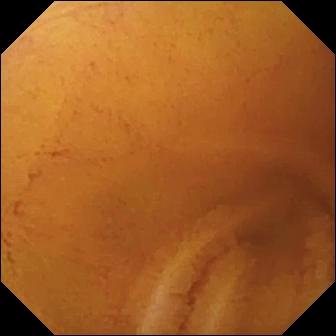Normal clean mucosa.